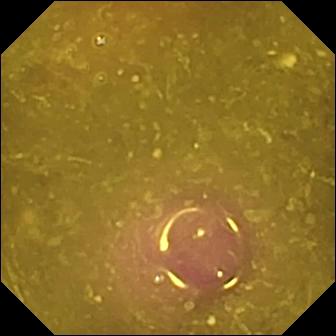Video capsule endoscopy image (small bowel). Reduced mucosal view (content or bubbles obscuring the mucosa).